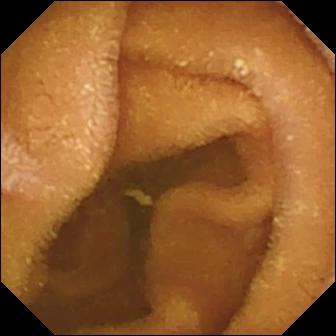VCE — normal clean mucosa.